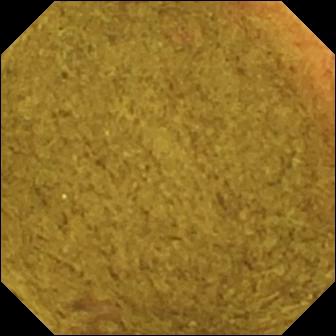Ileo-cecal valve region (the transition from the small bowel to the large bowel) — VCE image.